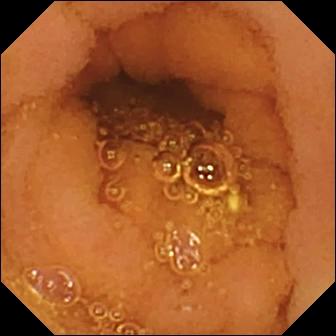PROCEDURE: Capsule endoscopy.
SEGMENT: Small bowel.
FINDINGS: Normal clean mucosa.